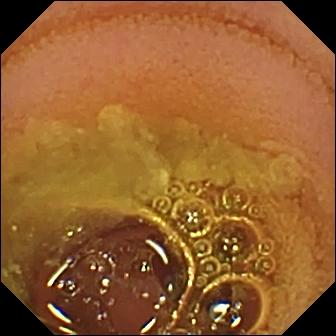Normal clean mucosa (336×336).